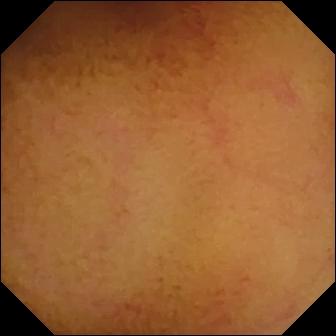PROCEDURE: Video capsule endoscopy.
FINDINGS: Normal clean mucosa.